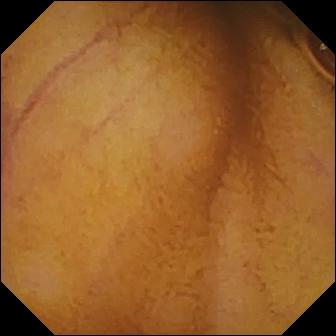VCE still, small intestine
Finding: normal clean mucosa